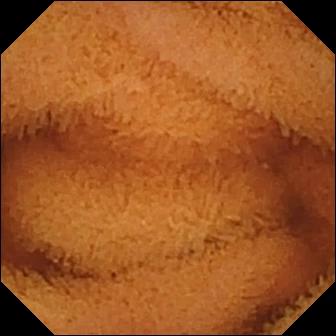Small-bowel capsule endoscopy image of the small bowel showing normal clean mucosa.